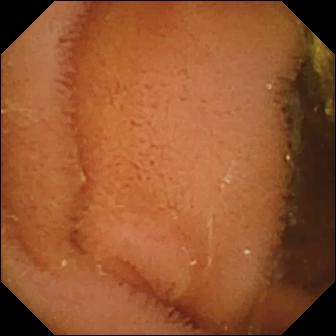PROCEDURE: Small-bowel capsule endoscopy.
FINDINGS: Normal clean mucosa.